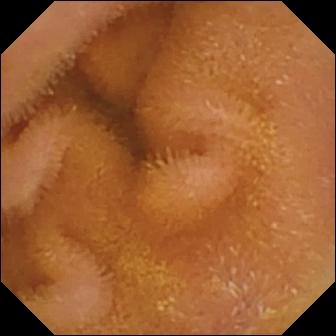- modality: video capsule endoscopy
- observation: normal clean mucosa